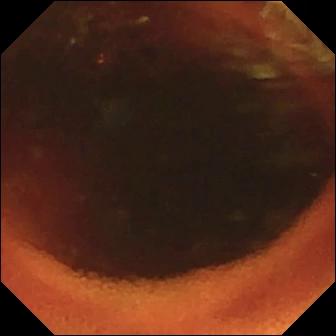Small-bowel capsule endoscopy. Near an anatomical landmark. Location: ileo-cecal valve region (the transition from the small bowel to the large bowel).